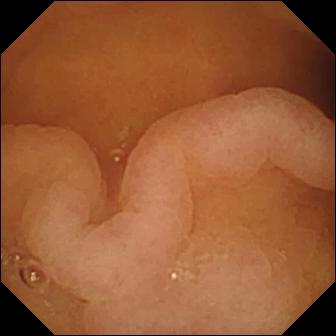This WCE snapshot was taken in the pylorus region (the junction between the stomach and the small bowel).